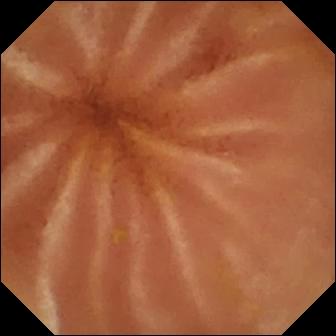modality: WCE | segment: small bowel | category: luminal finding | impression: normal clean mucosa